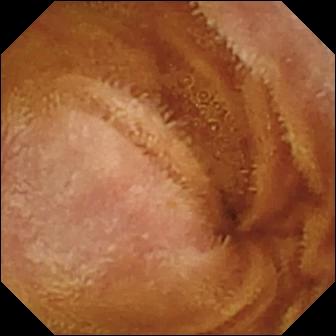Wireless capsule endoscopy — normal clean mucosa.